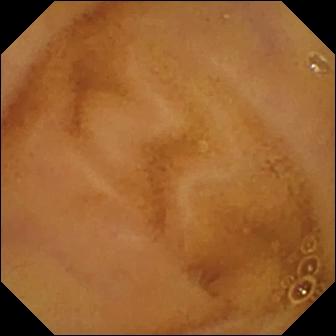Q: What does this capsule endoscopy snapshot of the small bowel show?
A: Normal clean mucosa.